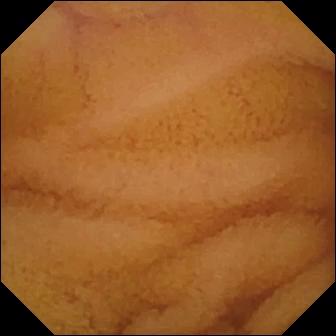Wireless capsule endoscopy — normal clean mucosa.